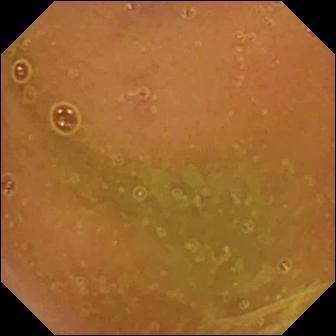modality: capsule endoscopy
impression: normal clean mucosa